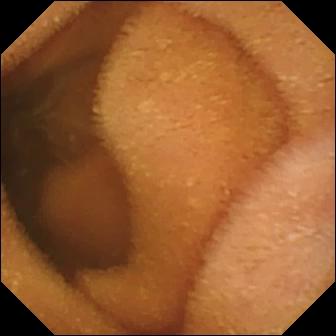{"modality": "small-bowel capsule endoscopy", "finding": "normal clean mucosa"}